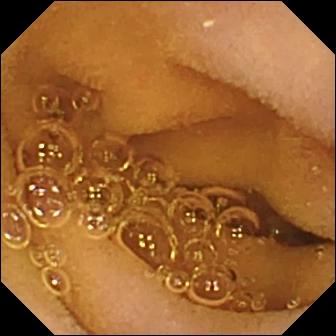modality: video capsule endoscopy; impression: normal clean mucosa